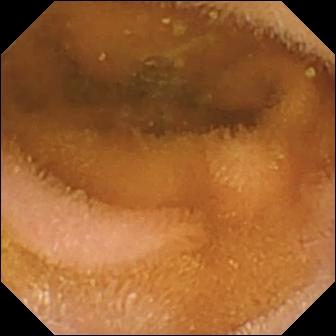WCE image of the small intestine showing normal clean mucosa.